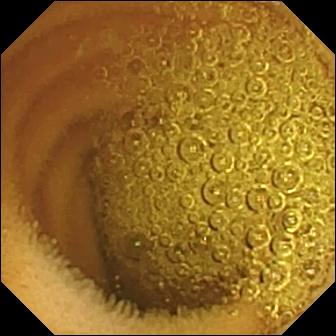Video capsule endoscopy. Luminal finding. Finding: normal clean mucosa.